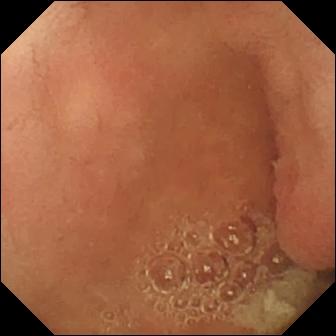WCE. Near an anatomical landmark. Location: pylorus region (where the capsule passes from the stomach into the small bowel).